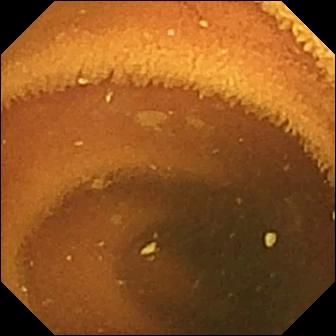{"modality": "video capsule endoscopy", "finding": "normal clean mucosa"}